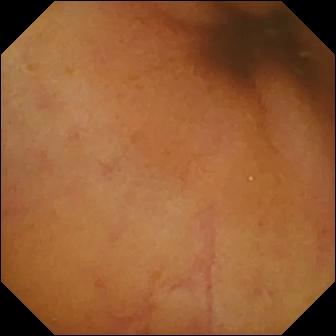Normal clean mucosa — video capsule endoscopy view of the small bowel.